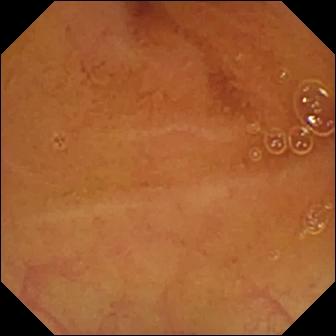{"modality": "VCE", "segment": "small bowel", "category": "luminal finding", "finding": "normal clean mucosa"}